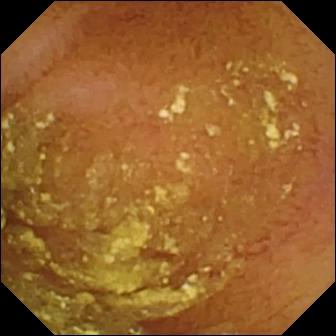{"modality": "capsule endoscopy", "finding": "normal clean mucosa"}